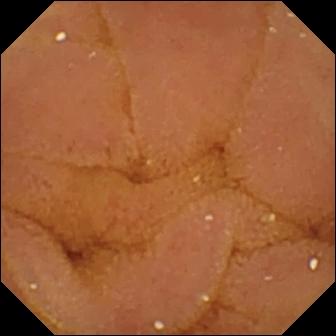- modality: capsule endoscopy
- segment: small intestine
- label: normal clean mucosa